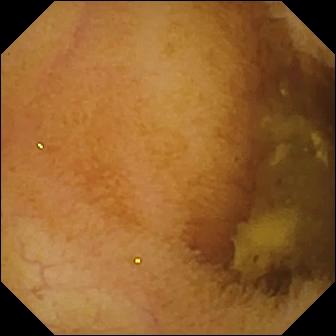- modality: small-bowel capsule endoscopy
- observation: normal clean mucosa